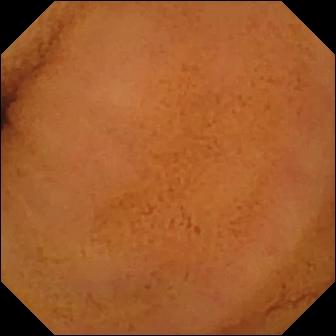- modality: wireless capsule endoscopy
- finding: normal clean mucosa